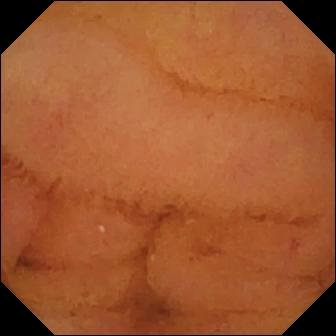Video capsule endoscopy. Small intestine. Impression: normal clean mucosa.